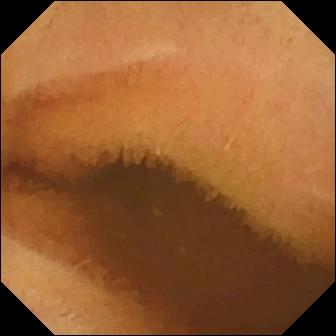VCE. Small intestine. Label: normal clean mucosa.